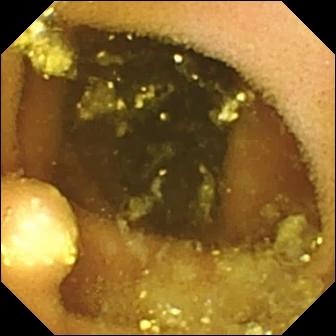Wireless capsule endoscopy still
Observation: lymphangiectasia